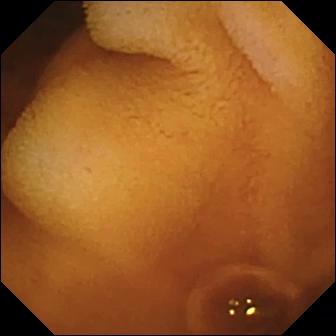Small-bowel capsule endoscopy image, 336×336. Normal clean mucosa.